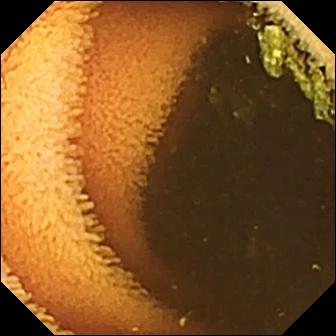Normal clean mucosa.